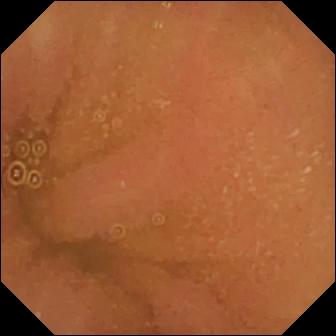WCE snapshot (small intestine). Normal clean mucosa.